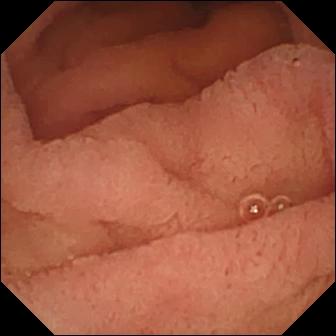{"modality": "video capsule endoscopy", "location": "pylorus region"}